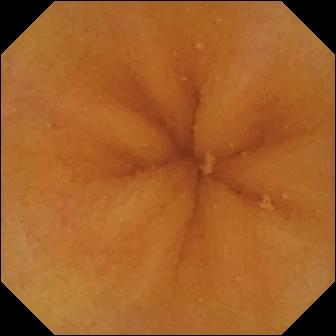WCE frame showing normal clean mucosa.